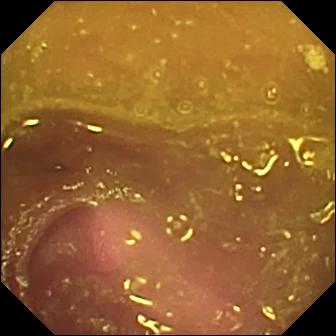Reduced mucosal view (content or bubbles obscuring the mucosa) — WCE still of the small bowel.